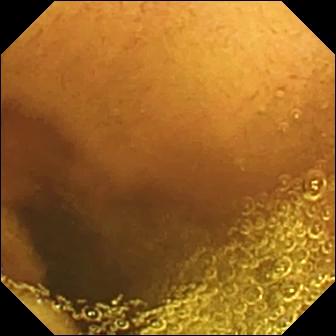WCE still (small bowel). Normal clean mucosa.